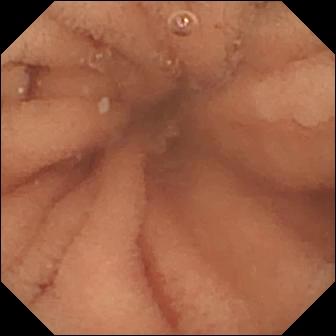Normal clean mucosa.